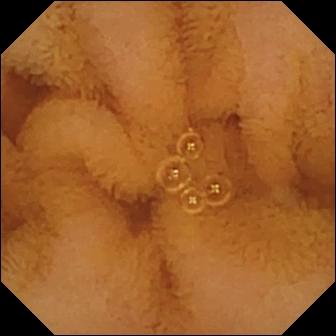- modality: WCE
- label: normal clean mucosa